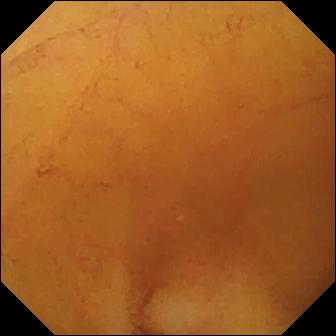Wireless capsule endoscopy frame of the small bowel showing normal clean mucosa.